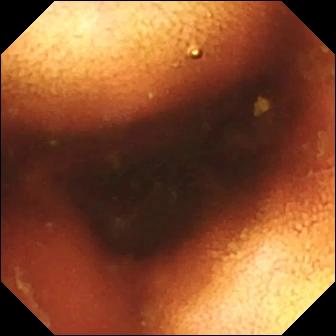Ileo-cecal valve region (the transition from the small bowel to the large bowel).